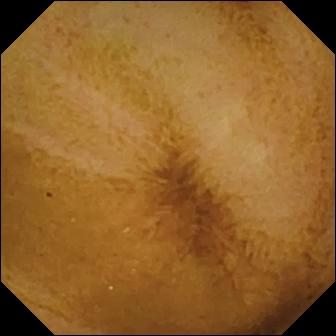Capsule endoscopy image of the small bowel showing normal clean mucosa.